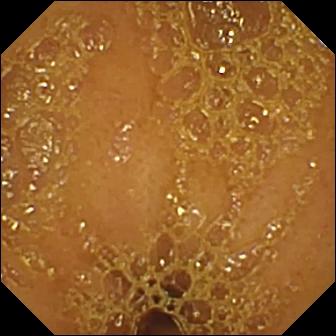{"modality": "WCE", "location": "ileo-cecal valve region (where the capsule passes from the small bowel into the large bowel)"}